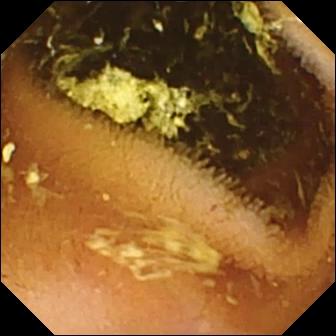Wireless capsule endoscopy. Observation: normal clean mucosa.